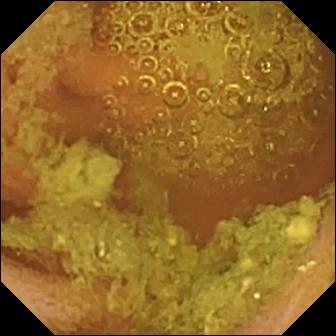{"modality": "capsule endoscopy", "finding": "normal clean mucosa"}